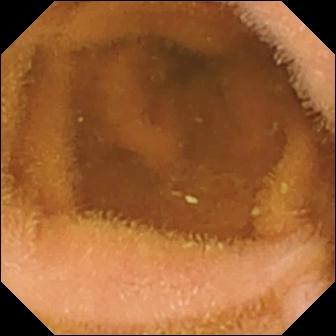VCE image, small intestine
Observation: normal clean mucosa